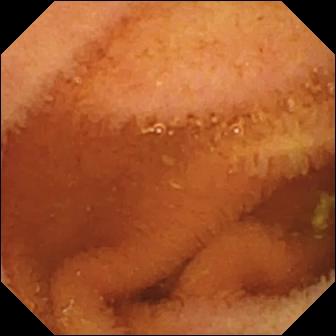Q: What does this video capsule endoscopy frame show?
A: Normal clean mucosa.